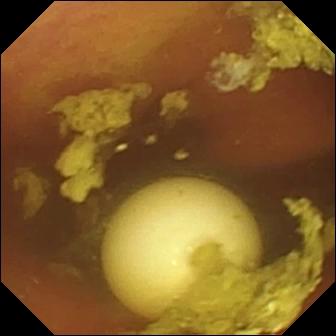Foreign body (e.g. retained capsule, tablet residue) (336×336).